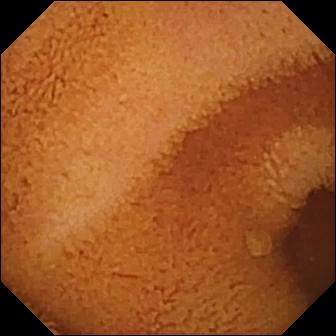- modality: wireless capsule endoscopy
- segment: small bowel
- category: luminal finding
- finding: normal clean mucosa